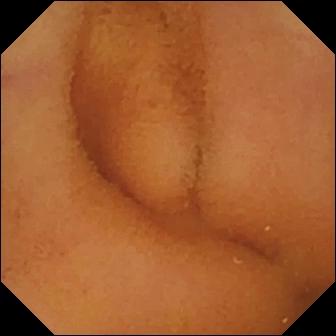Capsule endoscopy view, small bowel
Finding: normal clean mucosa